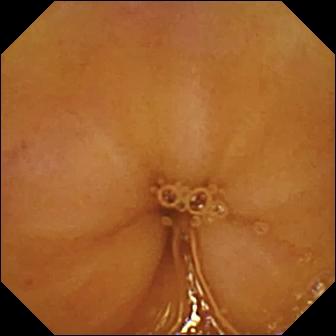Normal clean mucosa.